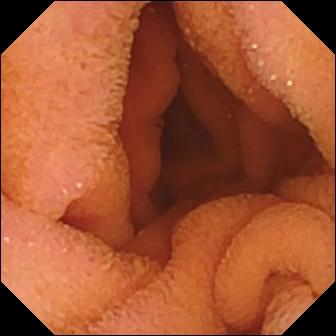Q: What does this WCE view of the small bowel show?
A: Normal clean mucosa.